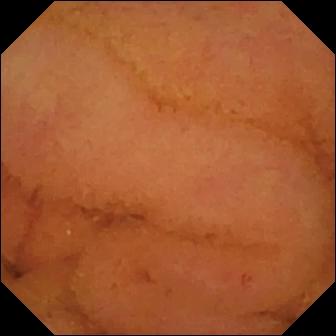Normal clean mucosa — small-bowel capsule endoscopy view of the small intestine.